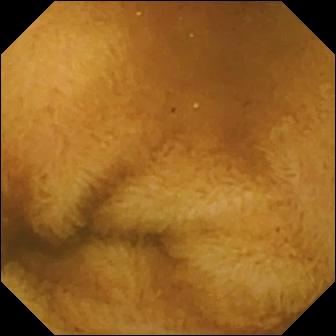Capsule endoscopy. Observation: normal clean mucosa.